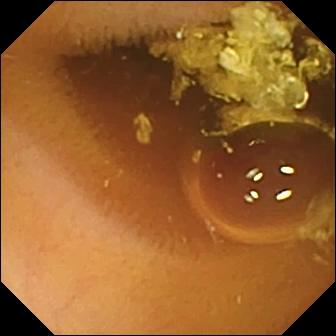{"modality": "capsule endoscopy", "finding": "normal clean mucosa"}